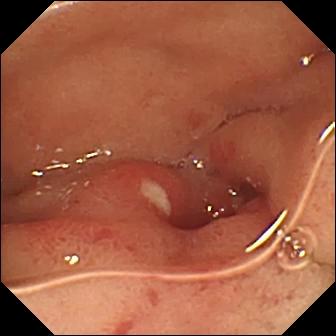PROCEDURE: WCE.
FINDINGS: Ulcer.